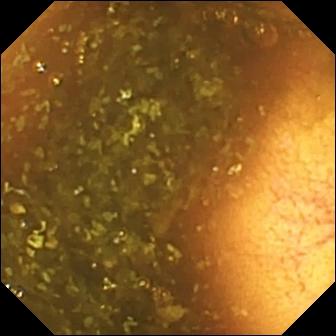{"modality": "capsule endoscopy", "category": "anatomical landmark", "label": "ileo-cecal valve region"}